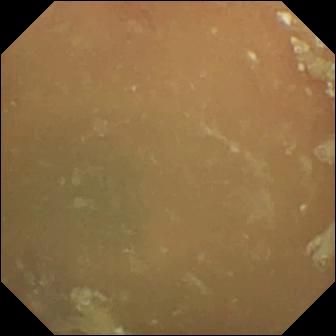- modality: wireless capsule endoscopy
- segment: small bowel
- observation: normal clean mucosa